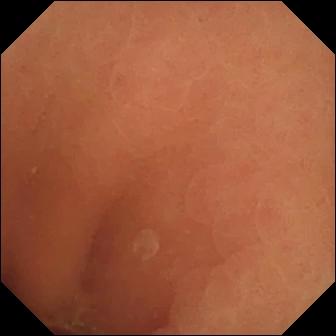Normal clean mucosa (336×336).